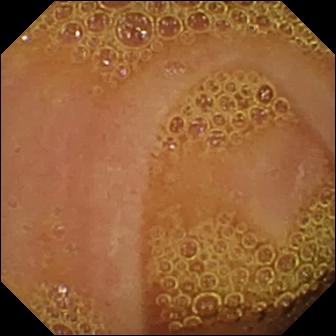Wireless capsule endoscopy view showing normal clean mucosa.